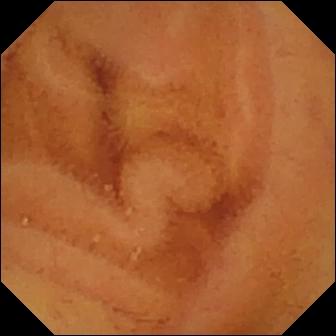WCE still, small bowel
Label: normal clean mucosa